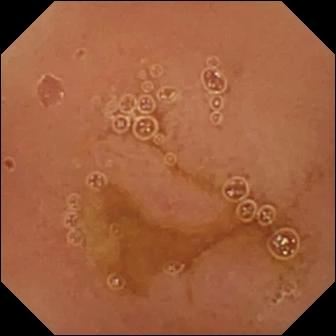VCE frame, small bowel
Impression: normal clean mucosa